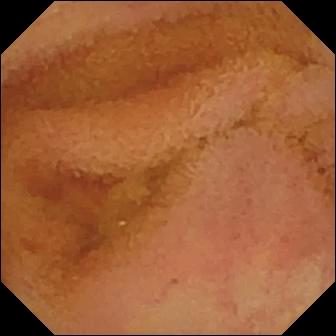{"modality": "video capsule endoscopy", "segment": "small intestine", "category": "luminal finding", "finding": "normal clean mucosa"}